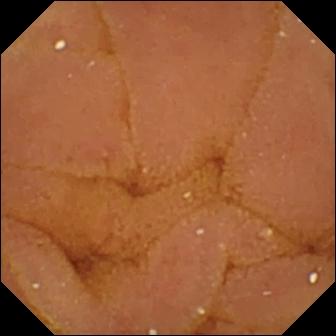Capsule endoscopy still, small bowel
Label: normal clean mucosa